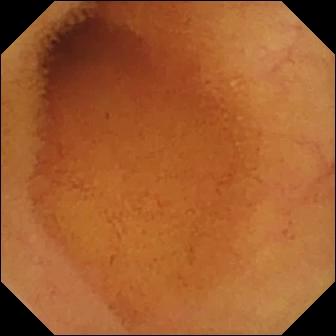PROCEDURE: WCE.
SEGMENT: Small bowel.
FINDINGS: Normal clean mucosa.